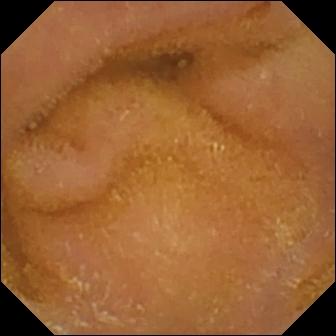Q: What does this VCE view of the small bowel show?
A: Normal clean mucosa.